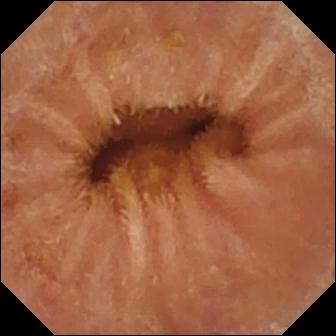Small-bowel capsule endoscopy. Small bowel. Impression: normal clean mucosa.